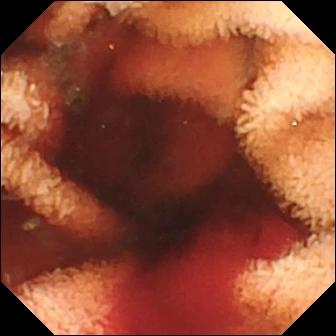VCE frame showing fresh blood in the lumen.